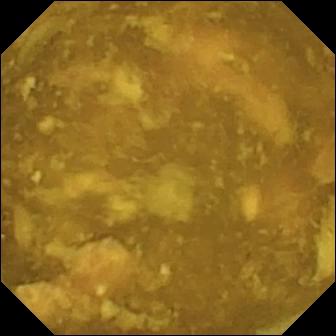modality: small-bowel capsule endoscopy
category: luminal finding
finding: reduced mucosal view (content or bubbles obscuring the mucosa)